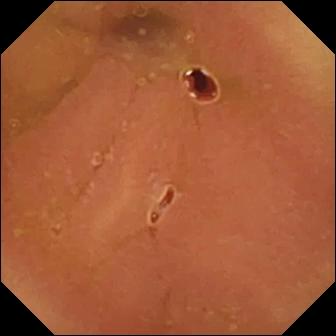This VCE view of the small intestine shows normal clean mucosa.